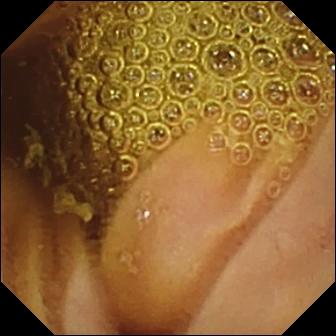Video capsule endoscopy still showing normal clean mucosa.